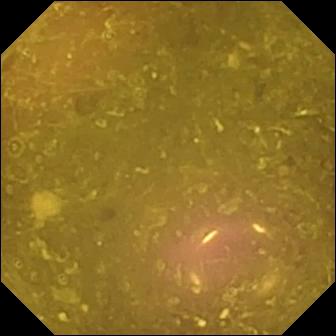Reduced mucosal view (content or bubbles obscuring the mucosa) — wireless capsule endoscopy image.